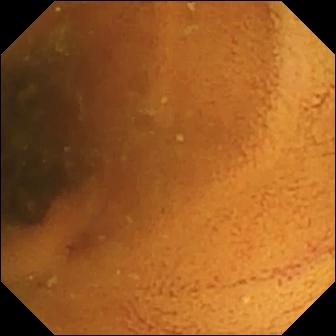VCE snapshot (small intestine), 336×336. Normal clean mucosa.